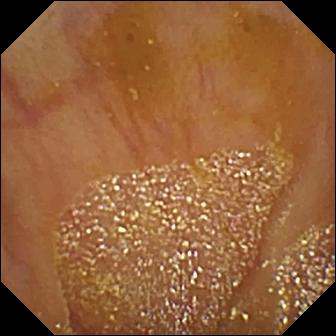Capsule endoscopy frame
Label: ileo-cecal valve region